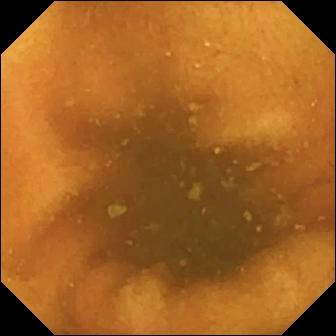Q: What does this wireless capsule endoscopy view show?
A: Normal clean mucosa.